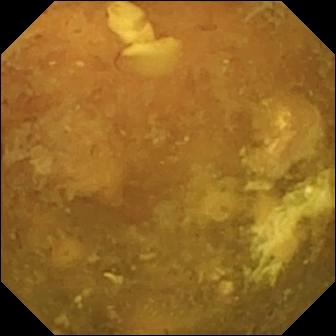PROCEDURE: Small-bowel capsule endoscopy.
FINDINGS: Reduced mucosal view (content or bubbles obscuring the mucosa).